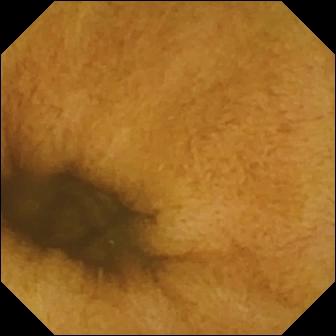Q: What does this WCE still show?
A: Normal clean mucosa.